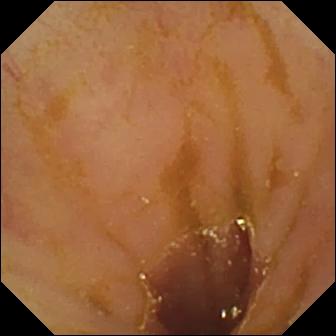Capsule endoscopy snapshot. Taken in the ileo-cecal valve region.